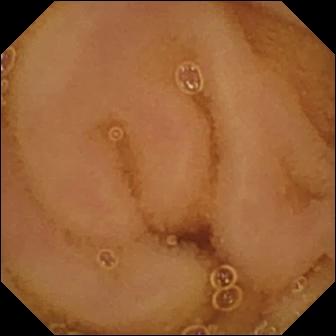Small-bowel capsule endoscopy still (small intestine). Normal clean mucosa.